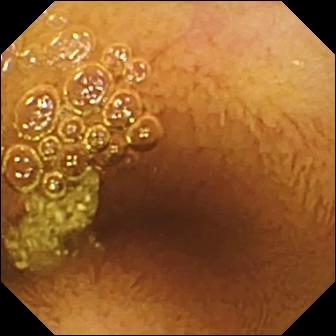Small-bowel capsule endoscopy frame of the small bowel showing normal clean mucosa.